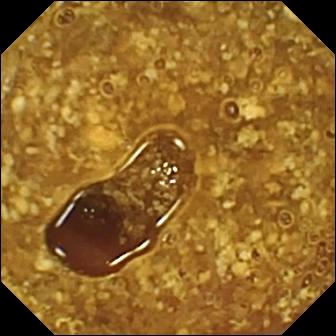{"modality": "VCE", "segment": "small intestine", "finding": "reduced mucosal view (content or bubbles obscuring the mucosa)"}